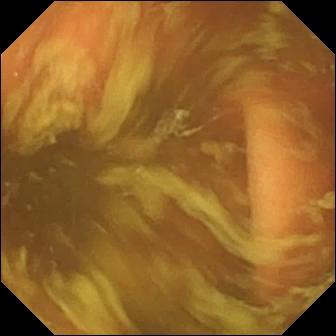This wireless capsule endoscopy view was taken in the ileo-cecal valve region.